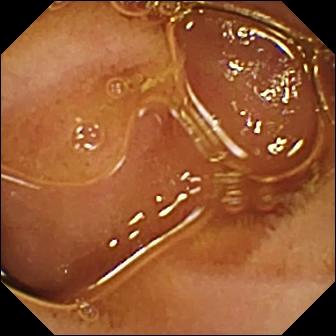Video capsule endoscopy. Impression: normal clean mucosa.